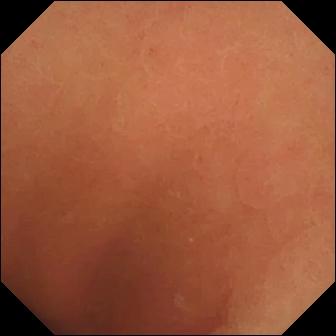{"modality": "capsule endoscopy", "finding": "normal clean mucosa"}